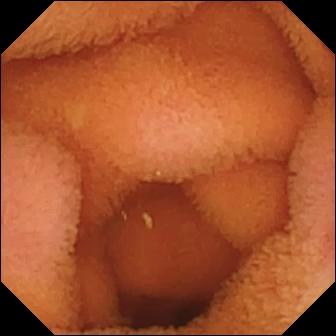- modality: small-bowel capsule endoscopy
- segment: small intestine
- finding: normal clean mucosa